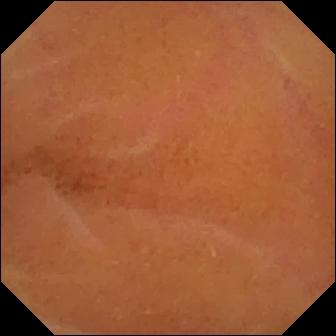This capsule endoscopy image of the small intestine shows normal clean mucosa.